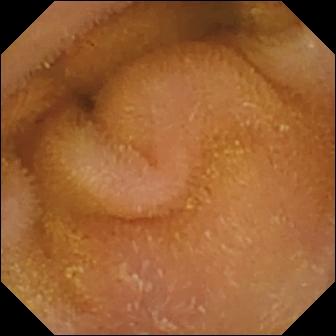Normal clean mucosa — VCE frame.